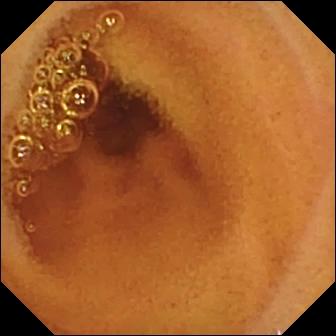WCE frame of the small bowel showing normal clean mucosa.